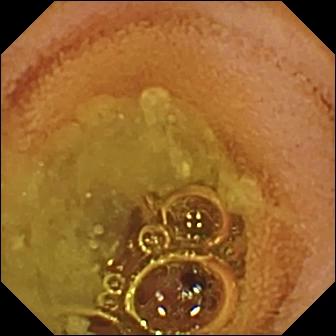Wireless capsule endoscopy. Impression: normal clean mucosa.